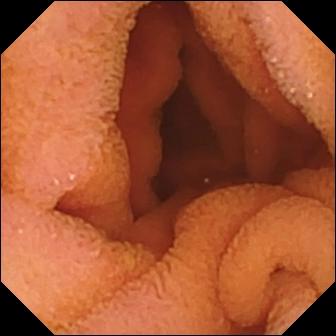Small-bowel capsule endoscopy frame, small intestine
Impression: normal clean mucosa